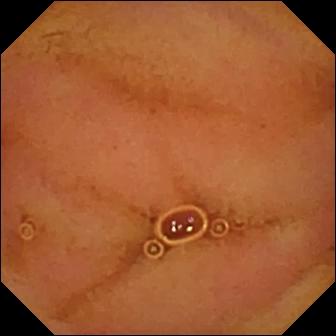- modality: VCE
- impression: normal clean mucosa